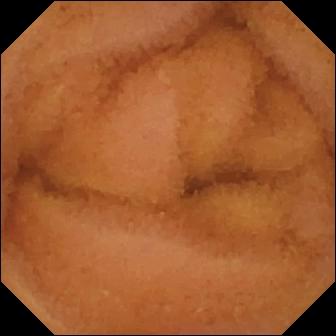Q: What does this capsule endoscopy snapshot show?
A: Normal clean mucosa.